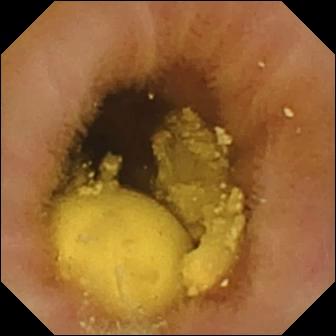Wireless capsule endoscopy snapshot. Foreign body (e.g. retained capsule, tablet residue).